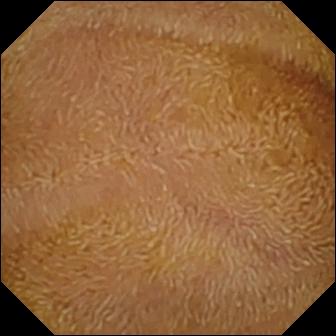- modality: wireless capsule endoscopy
- category: luminal finding
- observation: normal clean mucosa